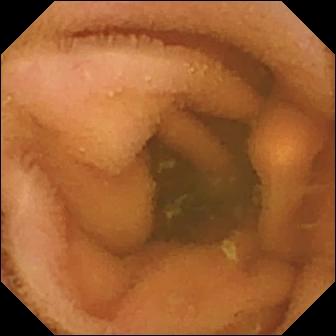modality: small-bowel capsule endoscopy | segment: small bowel | category: luminal finding | observation: normal clean mucosa